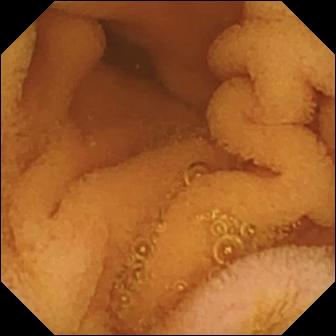Normal clean mucosa — small-bowel capsule endoscopy view of the small bowel.